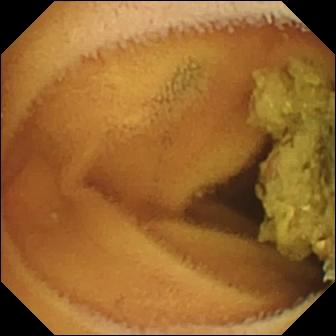Video capsule endoscopy — normal clean mucosa.